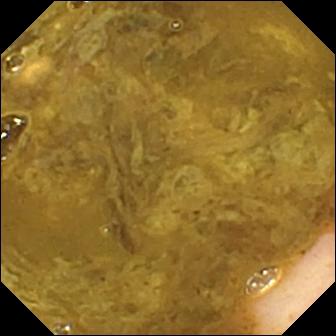Capsule endoscopy — ileo-cecal valve region.